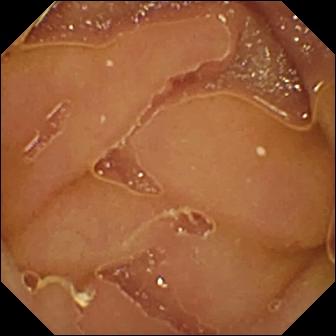Video capsule endoscopy frame showing normal clean mucosa.